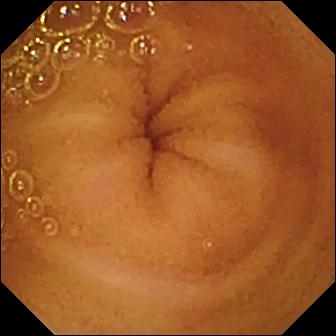- modality: small-bowel capsule endoscopy
- segment: small bowel
- impression: normal clean mucosa